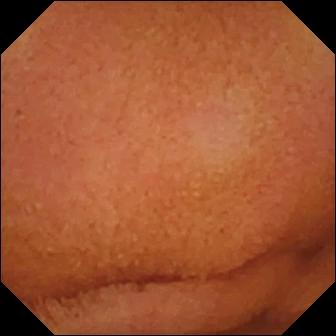- modality: small-bowel capsule endoscopy
- impression: normal clean mucosa